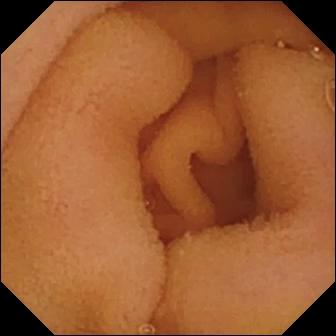VCE. Impression: normal clean mucosa.